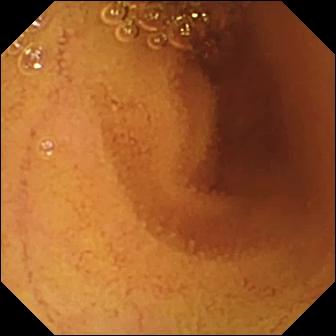PROCEDURE: Wireless capsule endoscopy.
FINDINGS: Normal clean mucosa.